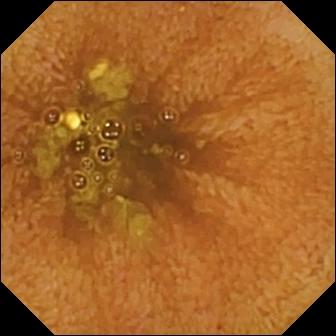This small-bowel capsule endoscopy snapshot was taken in the ileo-cecal valve region.